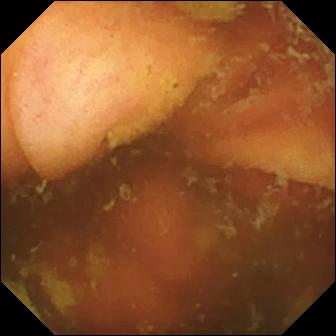Ileo-cecal valve region (the transition from the small bowel to the large bowel).